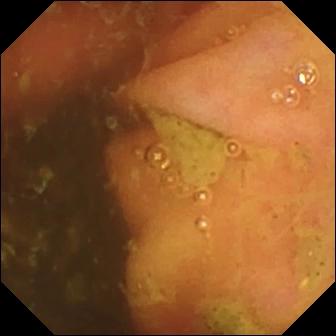Capsule endoscopy snapshot
Position: ileo-cecal valve region (where the capsule passes from the small bowel into the large bowel)